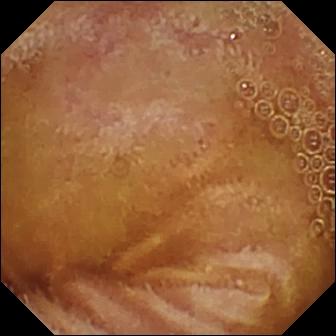Normal clean mucosa — VCE image.